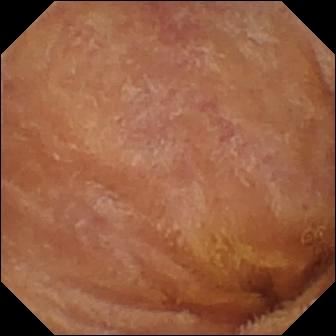This small-bowel capsule endoscopy snapshot of the small intestine shows normal clean mucosa.